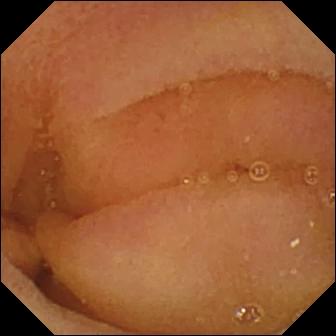VCE image, small intestine
Finding: normal clean mucosa